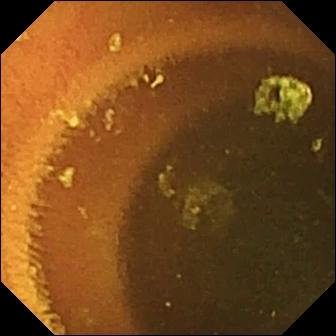- modality: video capsule endoscopy
- finding: normal clean mucosa